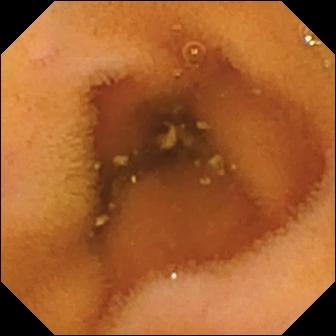Small-bowel capsule endoscopy snapshot (small intestine), 336×336. Normal clean mucosa.